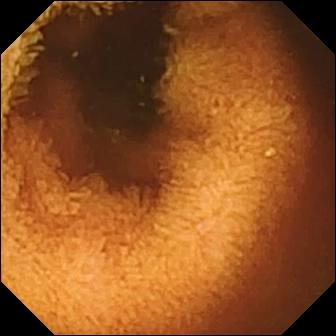This small-bowel capsule endoscopy still shows normal clean mucosa.